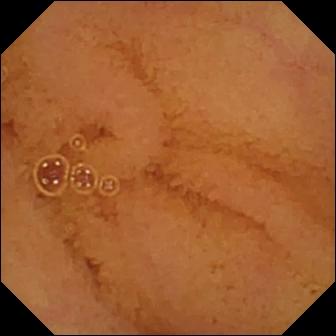Small-bowel capsule endoscopy image of the small intestine showing normal clean mucosa.